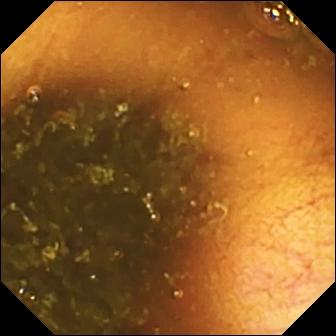modality: capsule endoscopy
location: ileo-cecal valve region (the transition from the small bowel to the large bowel)